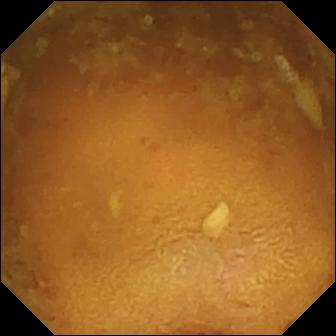Capsule endoscopy snapshot. Reduced mucosal view (content or bubbles obscuring the mucosa).